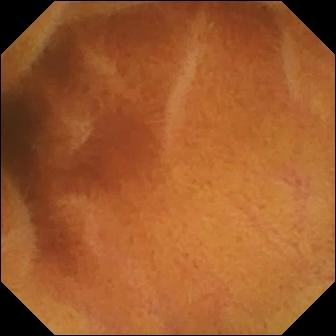Wireless capsule endoscopy still. Normal clean mucosa.